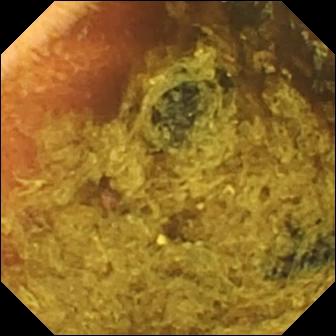Small-bowel capsule endoscopy image of the small bowel showing normal clean mucosa.